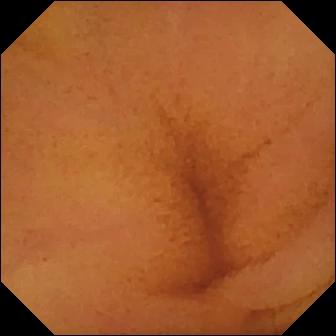VCE. Impression: normal clean mucosa.